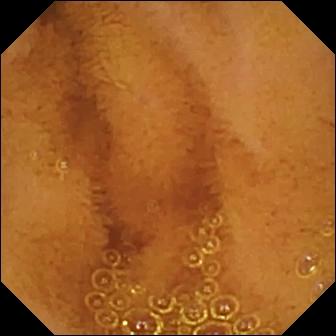Video capsule endoscopy — normal clean mucosa.